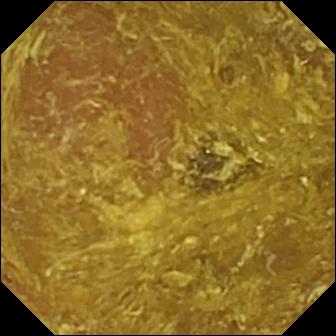PROCEDURE: WCE.
SEGMENT: Small intestine.
FINDINGS: Reduced mucosal view (content or bubbles obscuring the mucosa).